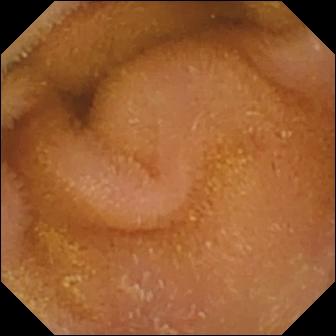PROCEDURE: WCE.
SEGMENT: Small bowel.
FINDINGS: Normal clean mucosa.